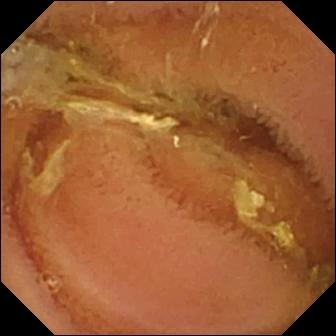PROCEDURE: Video capsule endoscopy.
FINDINGS: Normal clean mucosa.